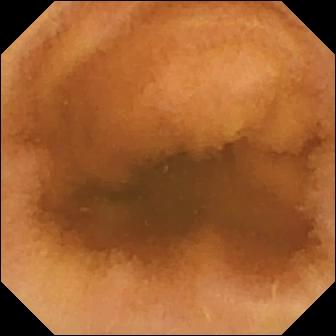Q: What does this WCE snapshot show?
A: Normal clean mucosa.